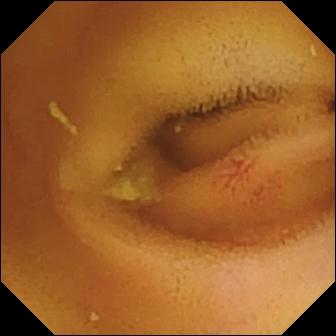Q: What does this wireless capsule endoscopy view show?
A: Angiectasia.